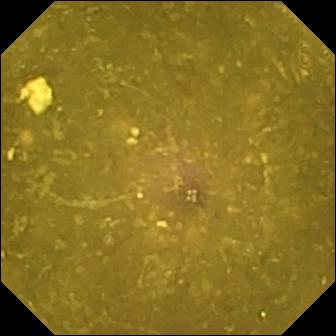- modality: video capsule endoscopy
- segment: small bowel
- finding: reduced mucosal view (content or bubbles obscuring the mucosa)